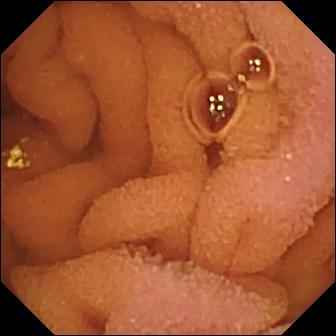modality: WCE; segment: small bowel; finding: normal clean mucosa